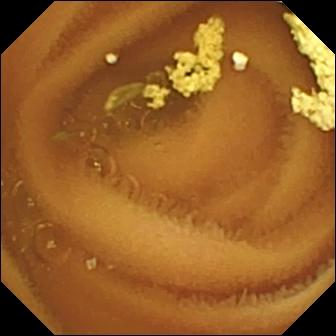{"modality": "capsule endoscopy", "finding": "normal clean mucosa"}